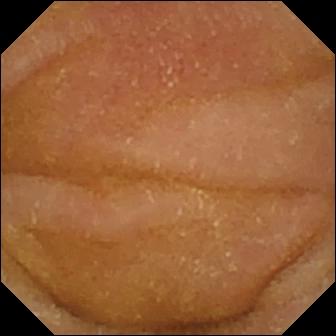Video capsule endoscopy still of the small bowel showing normal clean mucosa.